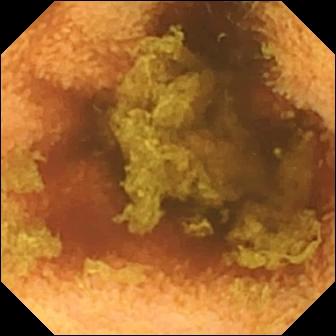- modality: capsule endoscopy
- observation: normal clean mucosa